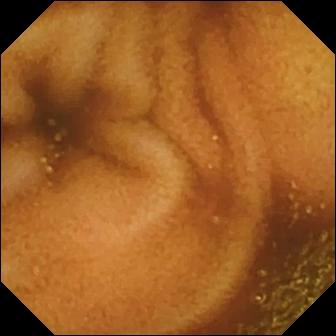Capsule endoscopy. Luminal finding. Impression: normal clean mucosa.